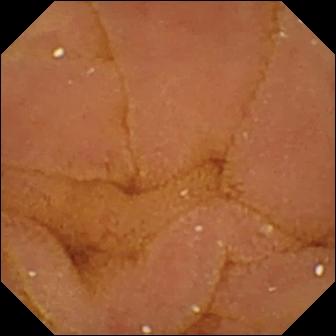Wireless capsule endoscopy image (small bowel). Normal clean mucosa.